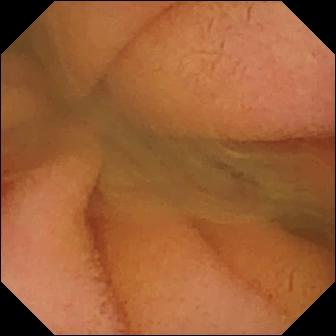- modality: wireless capsule endoscopy
- impression: normal clean mucosa